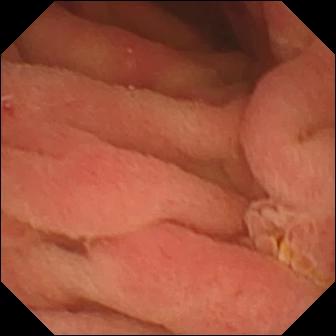VCE view taken in the pylorus region (the junction between the stomach and the small bowel).